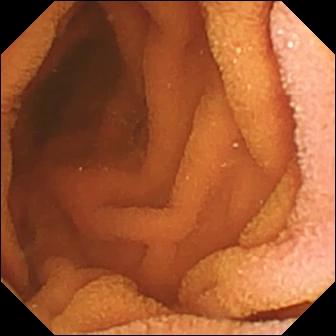Video capsule endoscopy. Impression: normal clean mucosa.